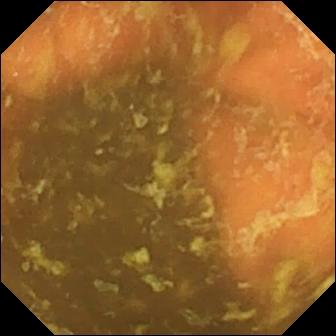{"modality": "small-bowel capsule endoscopy", "location": "ileo-cecal valve region (where the capsule passes from the small bowel into the large bowel)"}